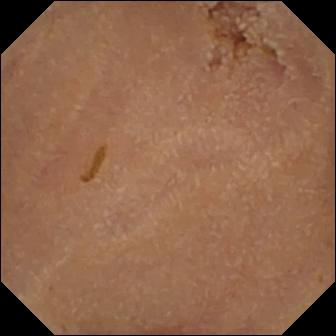Normal clean mucosa — VCE view of the small bowel.